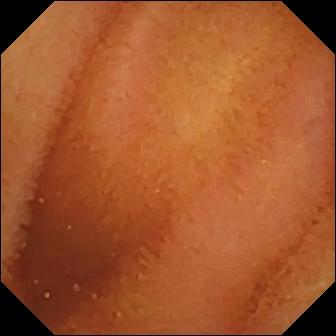Video capsule endoscopy still. Normal clean mucosa.